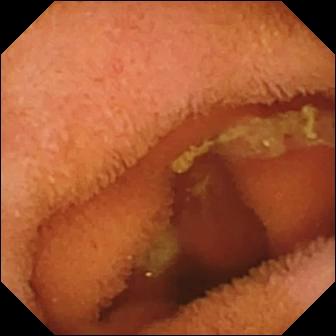{"modality": "VCE", "finding": "normal clean mucosa"}